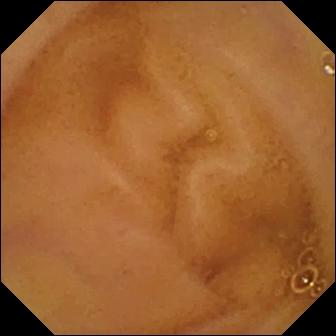WCE snapshot
Label: normal clean mucosa